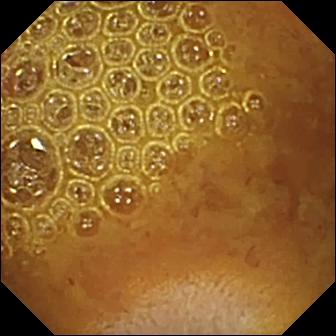Wireless capsule endoscopy frame, 336×336. Reduced mucosal view (content or bubbles obscuring the mucosa).